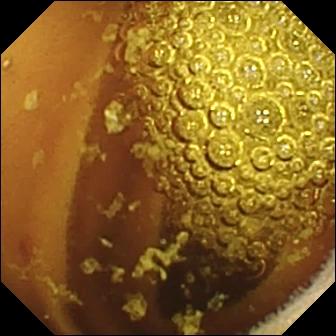Small-bowel capsule endoscopy. Small bowel. Impression: normal clean mucosa.